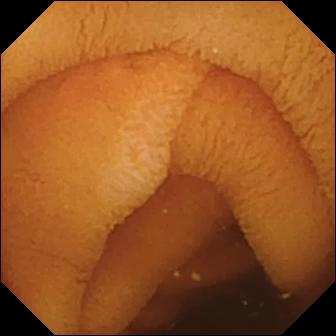Q: What does this video capsule endoscopy view of the small bowel show?
A: Normal clean mucosa.